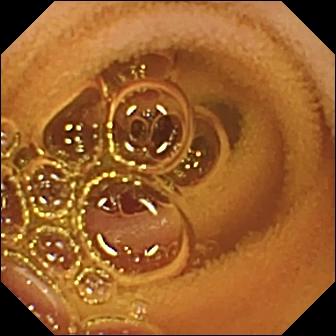This small-bowel capsule endoscopy frame of the small bowel shows normal clean mucosa.